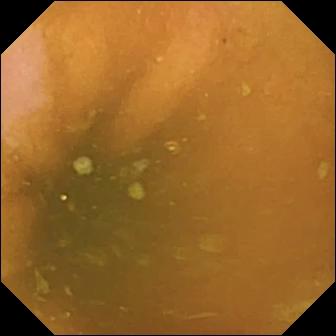This VCE frame of the small intestine shows normal clean mucosa.